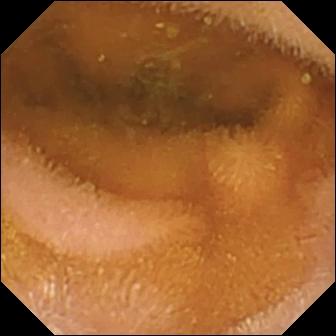{"modality": "WCE", "finding": "normal clean mucosa"}